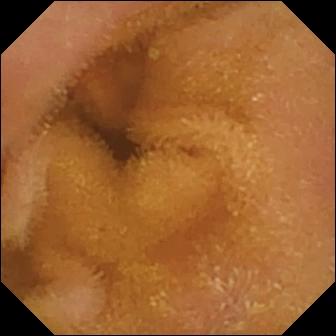Normal clean mucosa — video capsule endoscopy image.